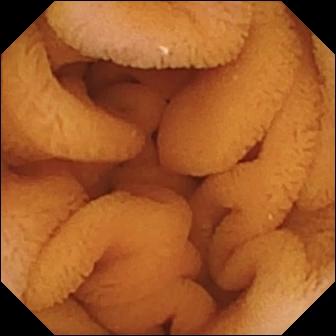modality: capsule endoscopy | impression: normal clean mucosa